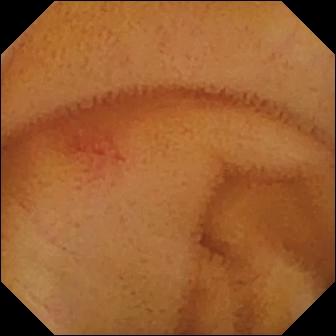Angiectasia.